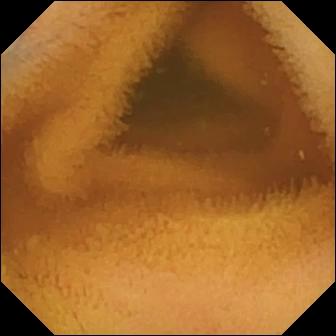This video capsule endoscopy view of the small intestine shows normal clean mucosa.